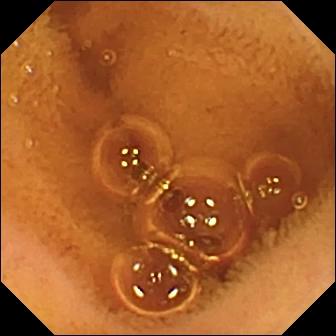modality: wireless capsule endoscopy | segment: small bowel | label: normal clean mucosa